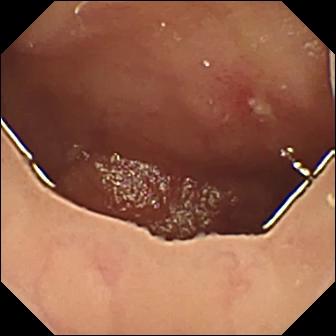modality: video capsule endoscopy
finding: ulcer